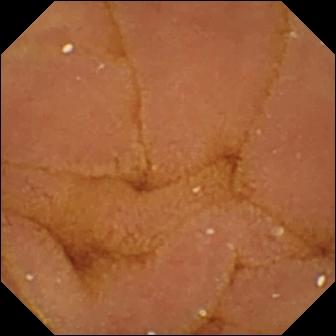WCE snapshot showing normal clean mucosa.